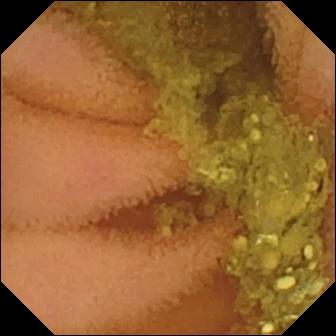- modality: capsule endoscopy
- segment: small bowel
- label: normal clean mucosa